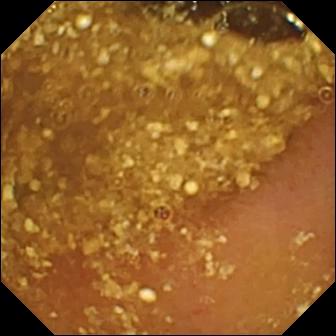This WCE still shows reduced mucosal view (content or bubbles obscuring the mucosa).